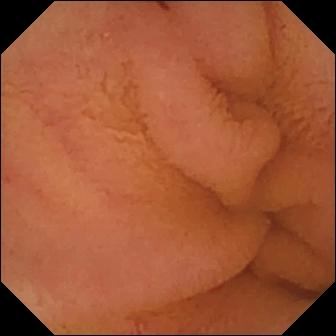This wireless capsule endoscopy view shows normal clean mucosa.